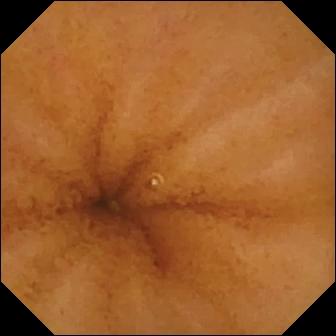{"modality": "small-bowel capsule endoscopy", "finding": "normal clean mucosa"}